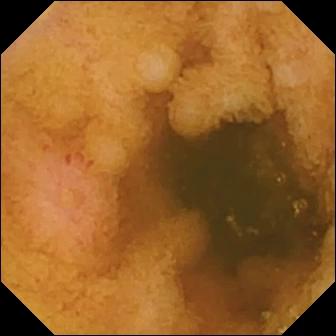VCE image showing erosion.